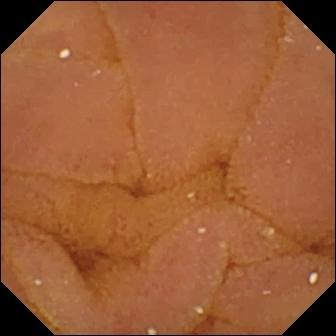Capsule endoscopy — normal clean mucosa.